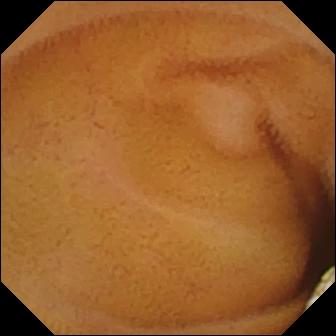PROCEDURE: VCE.
FINDINGS: Lymphangiectasia.